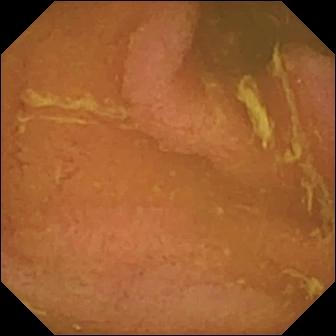modality: wireless capsule endoscopy; impression: normal clean mucosa